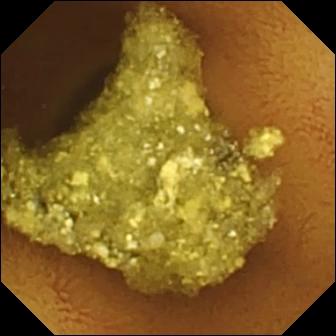This video capsule endoscopy image of the small intestine shows normal clean mucosa.